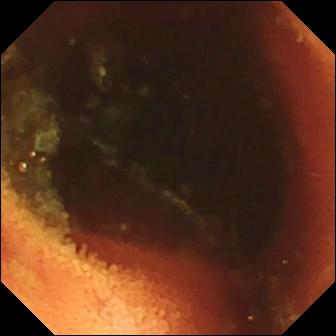Small-bowel capsule endoscopy image taken in the ileo-cecal valve region.